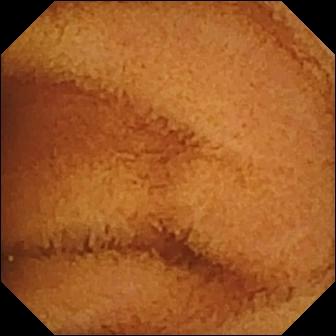Normal clean mucosa.